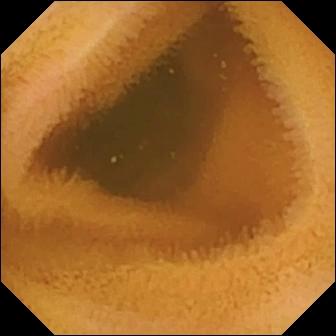Normal clean mucosa — small-bowel capsule endoscopy image of the small bowel.